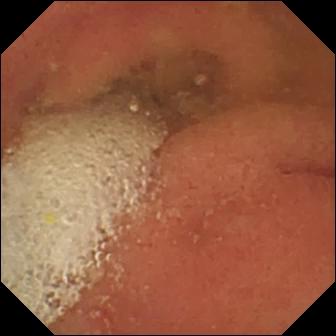- modality: wireless capsule endoscopy
- location: pylorus region (the junction between the stomach and the small bowel)